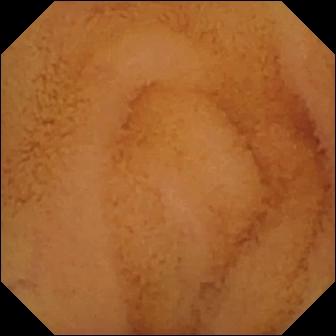- modality: WCE
- segment: small intestine
- finding: normal clean mucosa